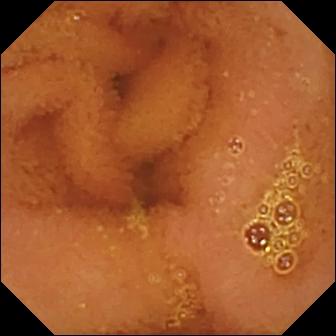{"modality": "video capsule endoscopy", "segment": "small intestine", "finding": "normal clean mucosa"}